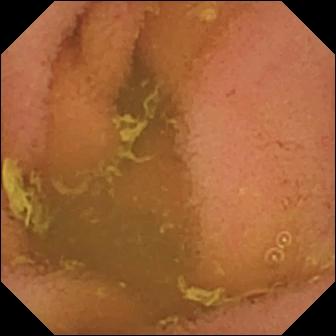Q: What does this video capsule endoscopy snapshot of the small intestine show?
A: Normal clean mucosa.